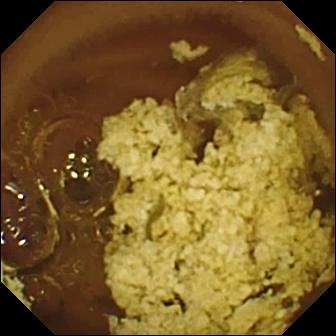Capsule endoscopy frame of the small bowel showing normal clean mucosa.